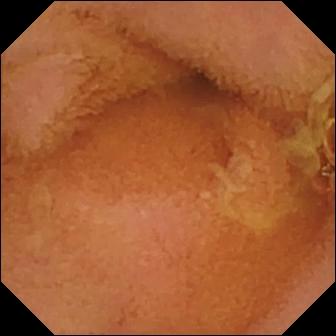This capsule endoscopy image of the small bowel shows normal clean mucosa.